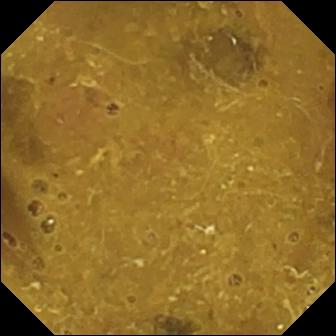VCE — ileo-cecal valve region (where the capsule passes from the small bowel into the large bowel).